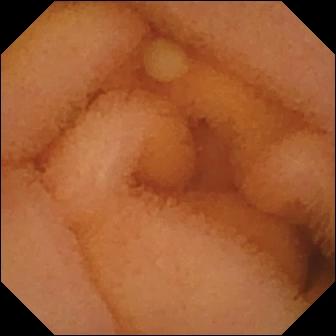Wireless capsule endoscopy view showing normal clean mucosa.